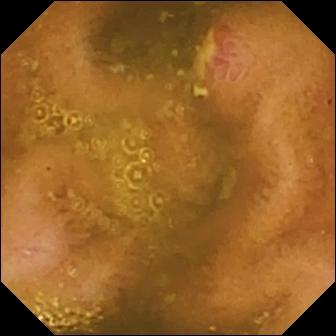Ulcer.